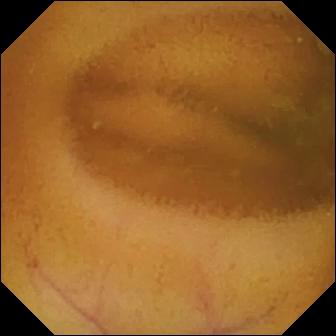Normal clean mucosa — wireless capsule endoscopy image.